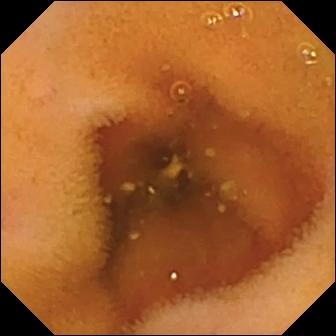Video capsule endoscopy. Small bowel. Observation: normal clean mucosa.